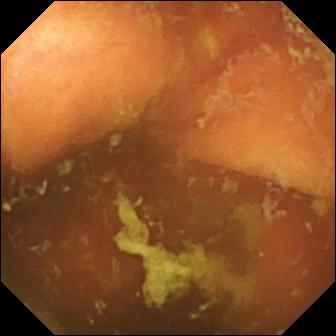Ileo-cecal valve region (where the capsule passes from the small bowel into the large bowel) — WCE view.